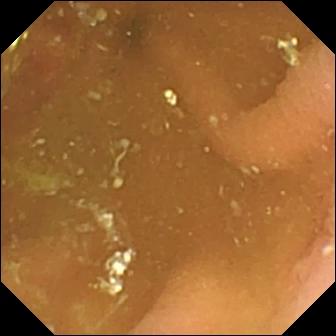Wireless capsule endoscopy. Video segment: pylorus region.